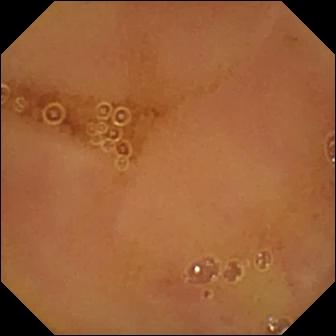Normal clean mucosa.